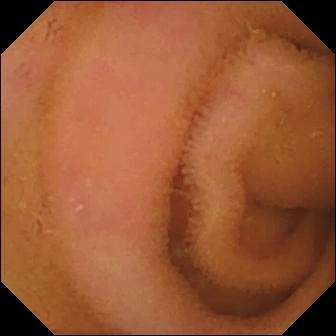Video capsule endoscopy. Luminal finding. Label: normal clean mucosa.